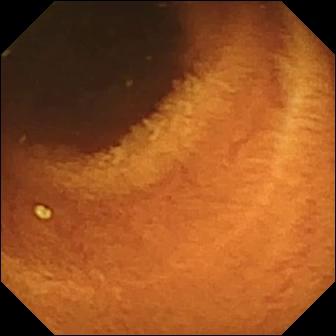Q: What does this WCE image show?
A: Normal clean mucosa.